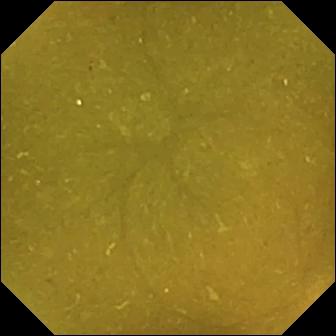Q: Where in the digestive tract was this wireless capsule endoscopy still taken?
A: Ileo-cecal valve region (the transition from the small bowel to the large bowel).